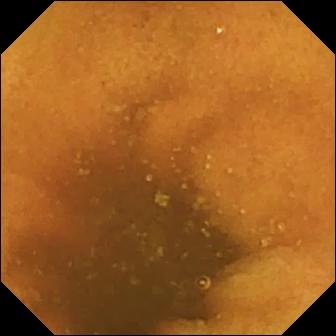This wireless capsule endoscopy view shows normal clean mucosa.